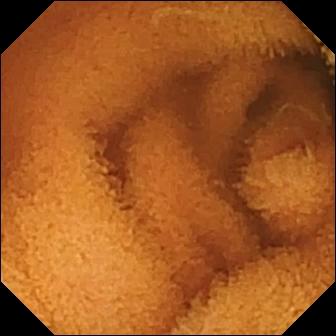PROCEDURE: VCE.
SEGMENT: Small intestine.
FINDINGS: Normal clean mucosa.